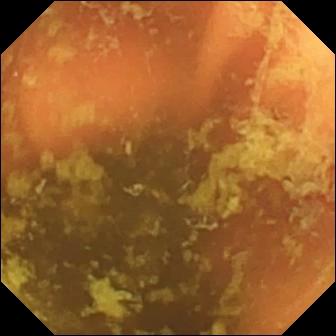PROCEDURE: VCE.
VIDEO SEGMENT: Ileo-cecal valve region (the transition from the small bowel to the large bowel).